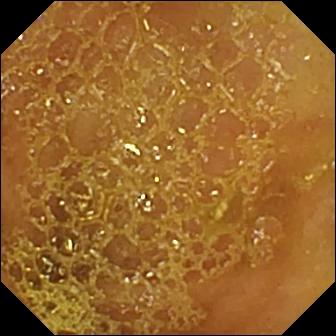modality: video capsule endoscopy; location: ileo-cecal valve region (the transition from the small bowel to the large bowel)